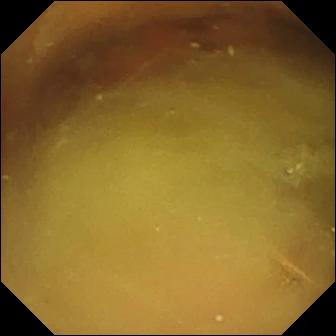Wireless capsule endoscopy view
Observation: normal clean mucosa